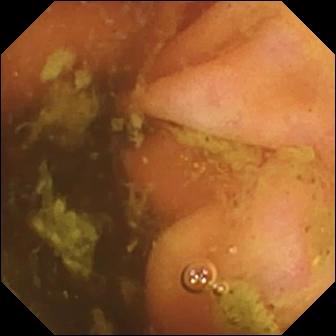modality: WCE
category: anatomical landmark
location: ileo-cecal valve region (where the capsule passes from the small bowel into the large bowel)